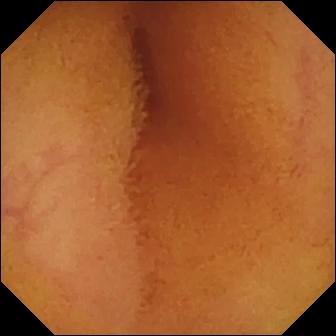modality: small-bowel capsule endoscopy
category: luminal finding
impression: normal clean mucosa